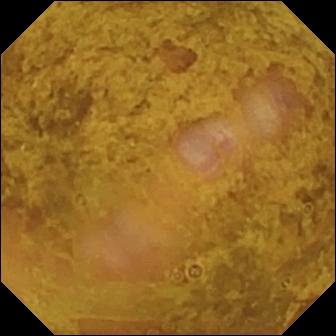WCE — ileo-cecal valve region.